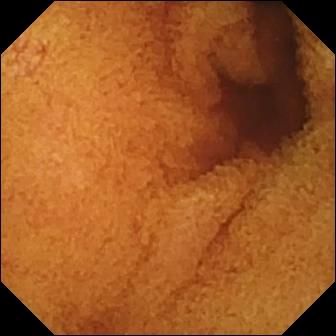modality: VCE
impression: normal clean mucosa